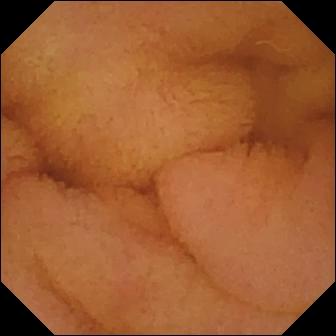WCE still (small bowel), 336×336. Normal clean mucosa.